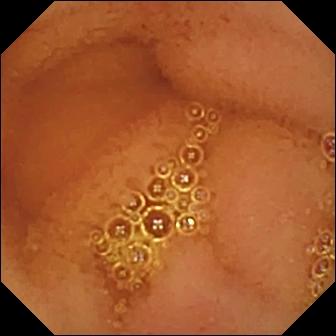Q: What does this WCE still show?
A: Normal clean mucosa.